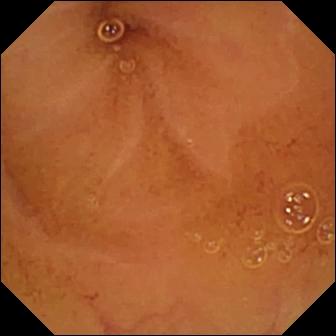Q: What does this VCE frame of the small intestine show?
A: Normal clean mucosa.